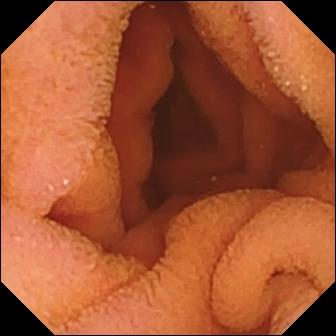Normal clean mucosa.